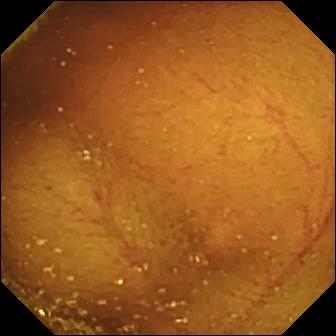modality: video capsule endoscopy
video segment: ileo-cecal valve region (the transition from the small bowel to the large bowel)